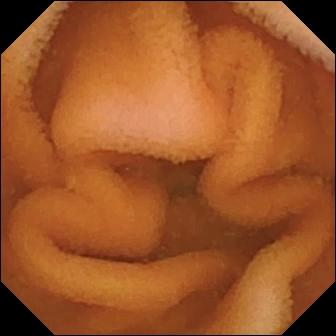Normal clean mucosa — capsule endoscopy snapshot.